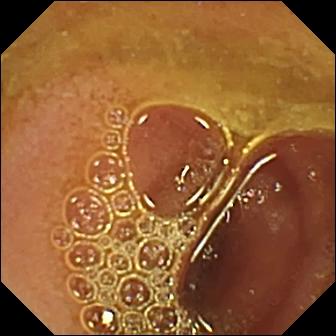Normal clean mucosa — small-bowel capsule endoscopy still of the small intestine.